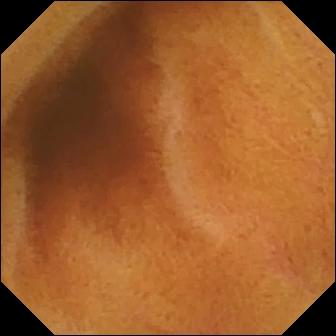PROCEDURE: WCE.
SEGMENT: Small intestine.
FINDINGS: Normal clean mucosa.